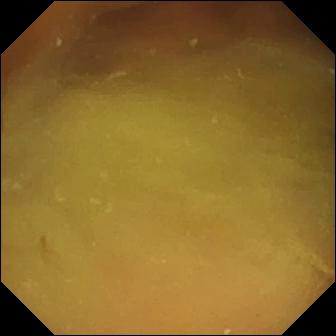Video capsule endoscopy view of the small bowel showing normal clean mucosa.